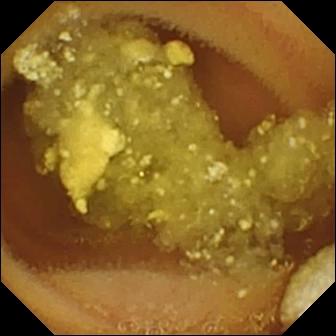Q: What does this small-bowel capsule endoscopy snapshot show?
A: Lymphangiectasia.